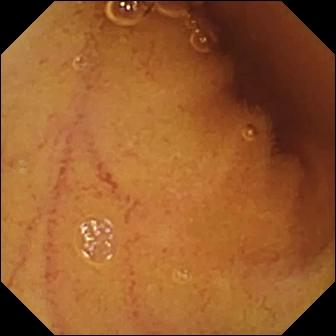WCE. Small bowel. Impression: normal clean mucosa.